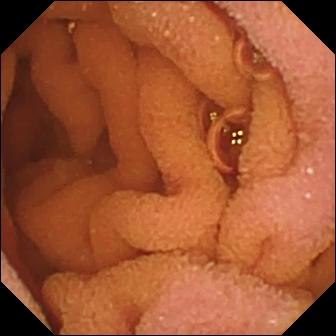{"modality": "capsule endoscopy", "segment": "small bowel", "finding": "normal clean mucosa"}